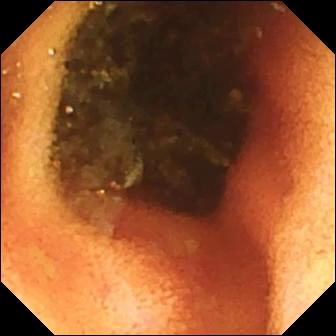Ileo-cecal valve region, 336×336.